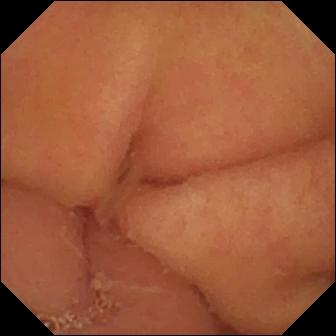- modality: VCE
- category: anatomical landmark
- label: pylorus region